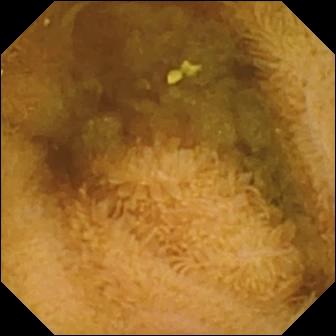Wireless capsule endoscopy — normal clean mucosa.